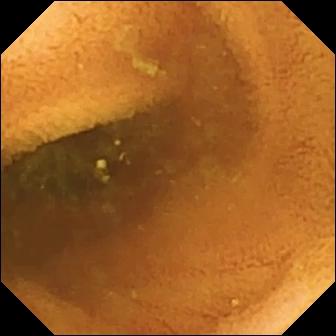WCE — normal clean mucosa.